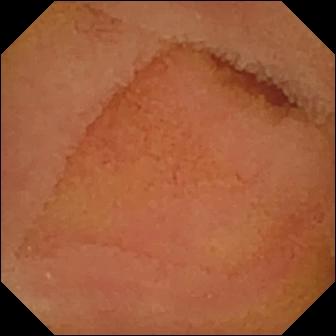Capsule endoscopy view
Label: normal clean mucosa